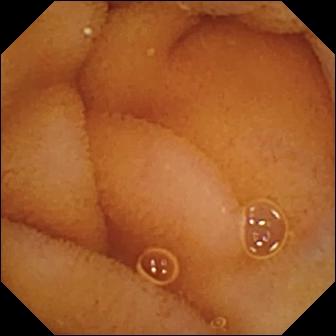Normal clean mucosa — WCE snapshot of the small intestine.